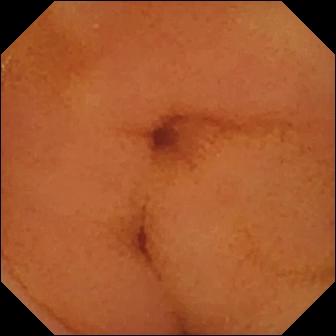Wireless capsule endoscopy snapshot (small intestine). Normal clean mucosa.